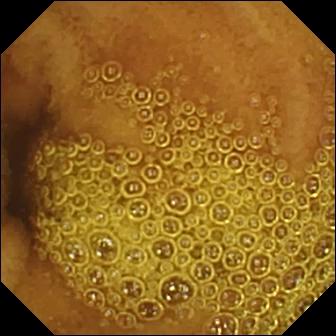- modality: wireless capsule endoscopy
- impression: normal clean mucosa